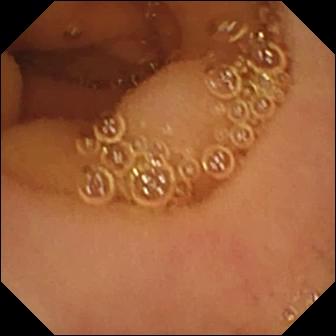- modality: capsule endoscopy
- observation: normal clean mucosa